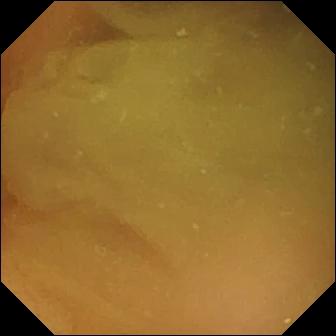WCE. Luminal finding. Finding: normal clean mucosa.